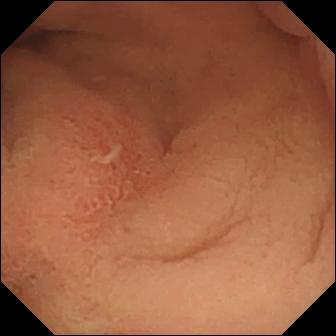Erosion (336×336).